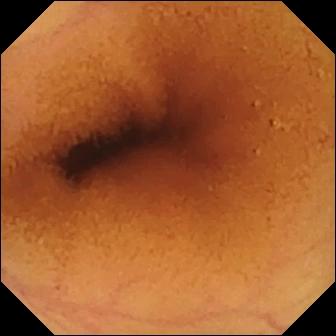VCE still of the small bowel showing normal clean mucosa.